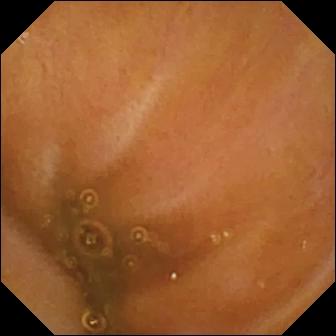WCE frame. Taken in the ileo-cecal valve region (the transition from the small bowel to the large bowel).